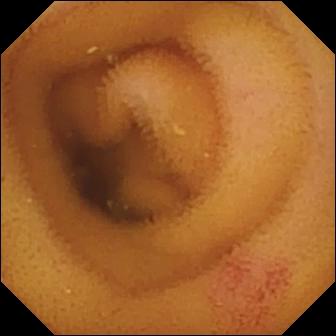Angiectasia.